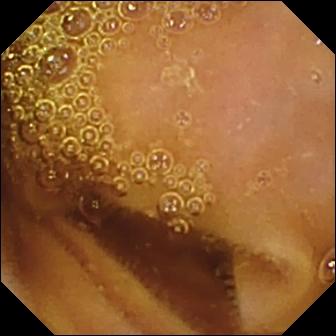Wireless capsule endoscopy snapshot
Label: normal clean mucosa